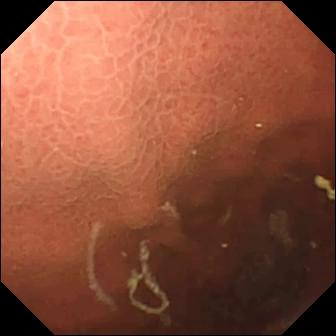Capsule endoscopy frame
Location: pylorus region (where the capsule passes from the stomach into the small bowel)